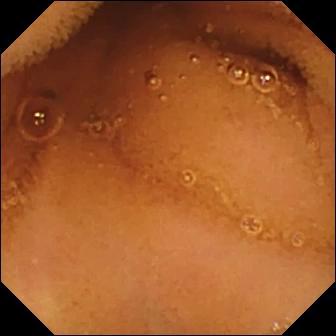PROCEDURE: VCE.
FINDINGS: Normal clean mucosa.